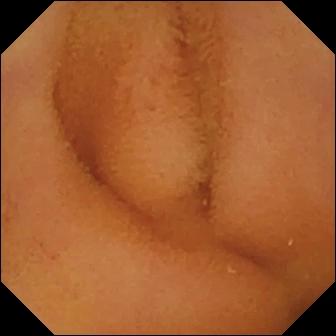VCE. Impression: normal clean mucosa.